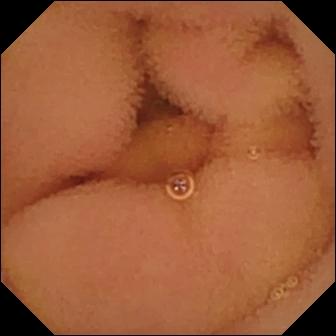- modality: small-bowel capsule endoscopy
- observation: normal clean mucosa